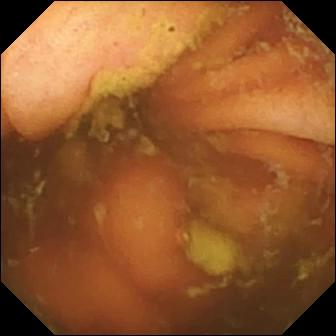PROCEDURE: WCE.
LABEL: Ileo-cecal valve region (the transition from the small bowel to the large bowel).